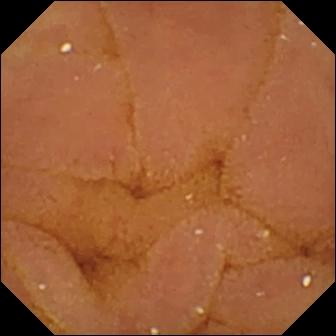This VCE snapshot shows normal clean mucosa.